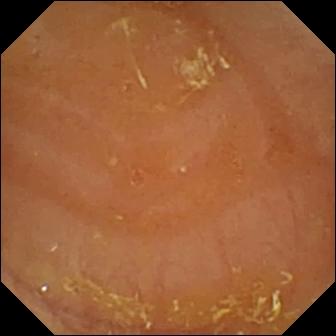Small-bowel capsule endoscopy still of the small intestine showing reduced mucosal view (content or bubbles obscuring the mucosa).